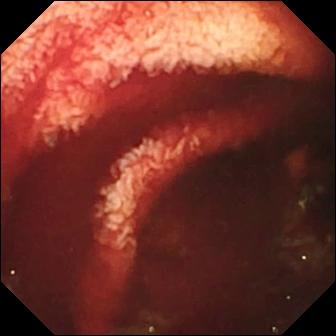VCE still showing fresh blood in the lumen.